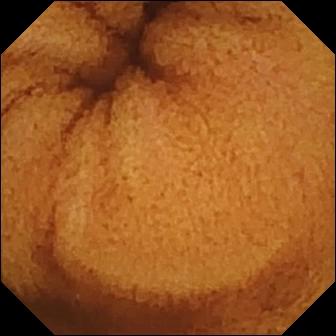Normal clean mucosa.